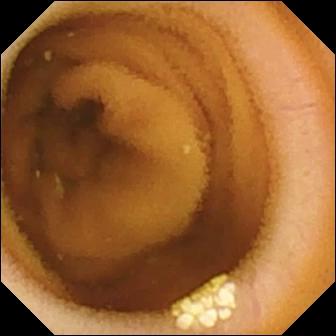Small-bowel capsule endoscopy still, 336×336. Lymphangiectasia.